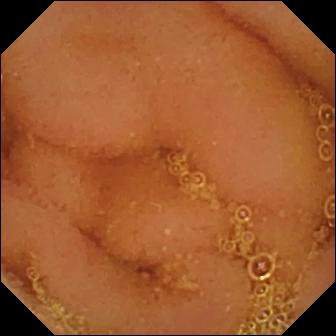{"modality": "small-bowel capsule endoscopy", "segment": "small bowel", "category": "luminal finding", "finding": "normal clean mucosa"}